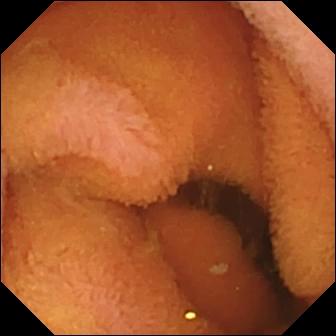Q: What does this small-bowel capsule endoscopy snapshot of the small bowel show?
A: Normal clean mucosa.